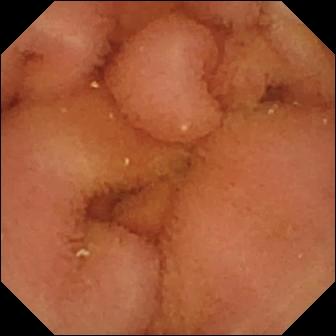{"modality": "video capsule endoscopy", "segment": "small bowel", "finding": "normal clean mucosa"}